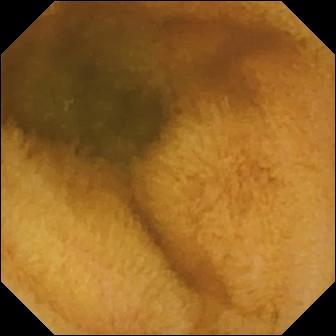WCE. Small intestine. Finding: normal clean mucosa.